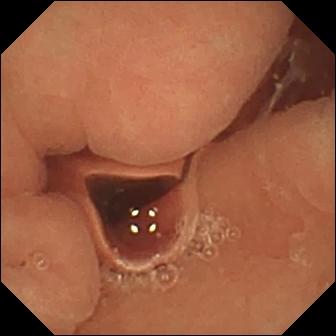Capsule endoscopy — normal clean mucosa.